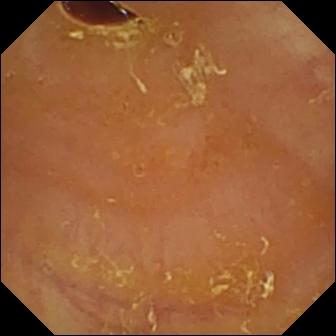Q: What does this WCE frame show?
A: Reduced mucosal view (content or bubbles obscuring the mucosa).